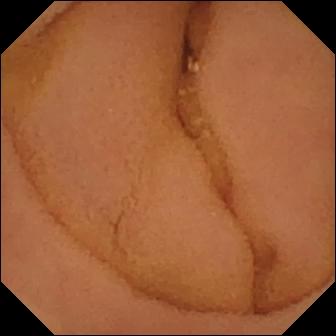Capsule endoscopy. Small bowel. Luminal finding. Finding: normal clean mucosa.